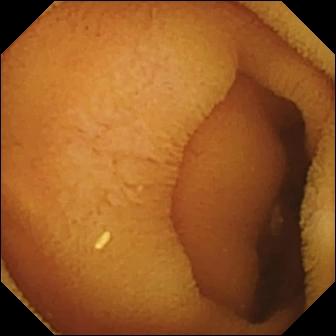Normal clean mucosa.